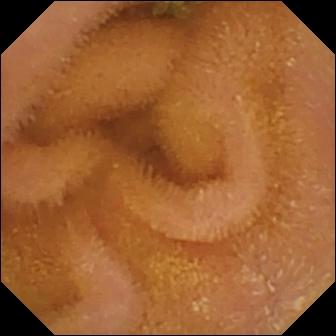- modality: VCE
- category: luminal finding
- finding: normal clean mucosa